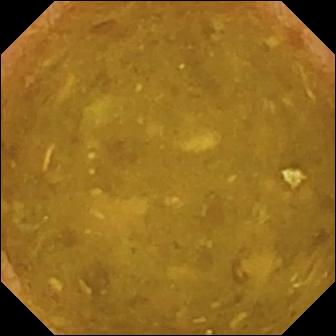WCE. Small intestine. Finding: reduced mucosal view (content or bubbles obscuring the mucosa).